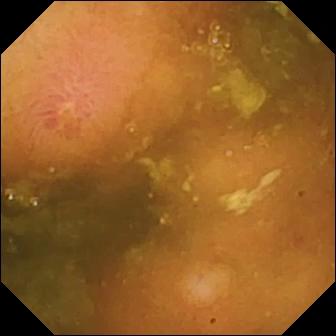modality: capsule endoscopy | category: luminal finding | label: erosion